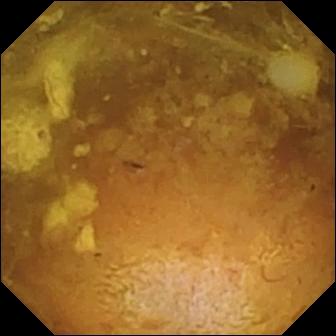{"modality": "capsule endoscopy", "segment": "small bowel", "finding": "reduced mucosal view (content or bubbles obscuring the mucosa)"}